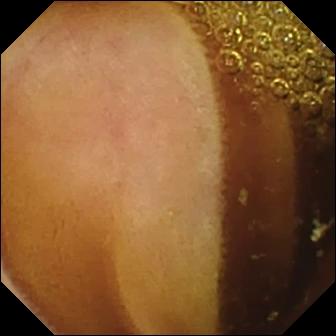- modality: WCE
- segment: small intestine
- category: luminal finding
- finding: normal clean mucosa